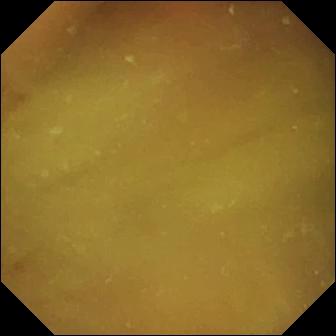Capsule endoscopy view
Label: normal clean mucosa